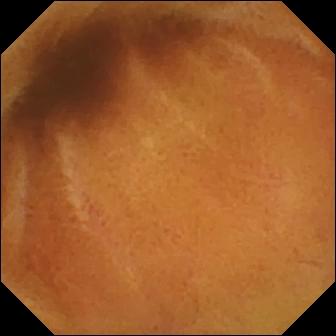VCE snapshot
Label: normal clean mucosa